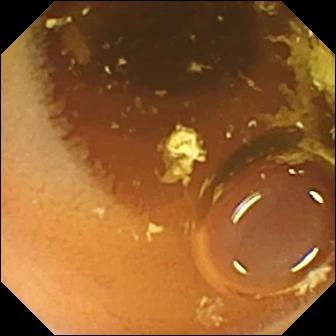{"modality": "wireless capsule endoscopy", "segment": "small bowel", "finding": "normal clean mucosa"}